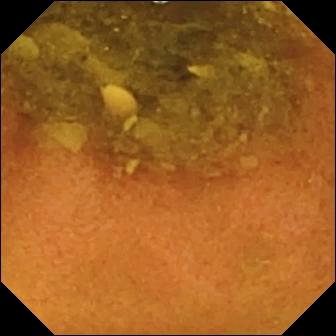This video capsule endoscopy snapshot of the small bowel shows normal clean mucosa.